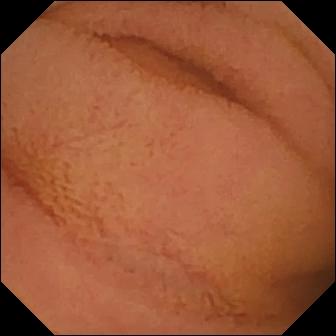This WCE frame of the small intestine shows normal clean mucosa.